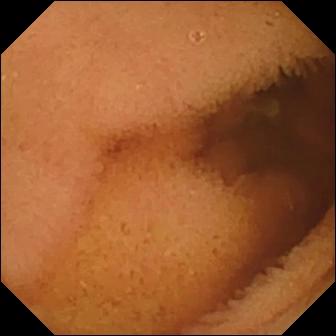PROCEDURE: VCE.
SEGMENT: Small intestine.
FINDINGS: Normal clean mucosa.